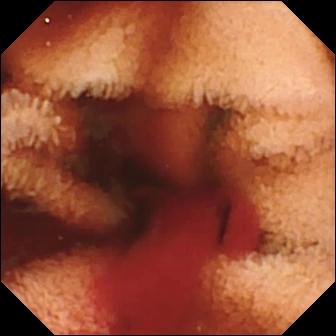Wireless capsule endoscopy — fresh blood in the lumen.